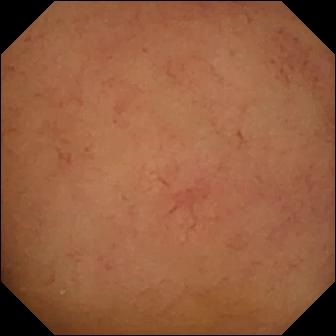modality: capsule endoscopy
segment: small bowel
label: normal clean mucosa